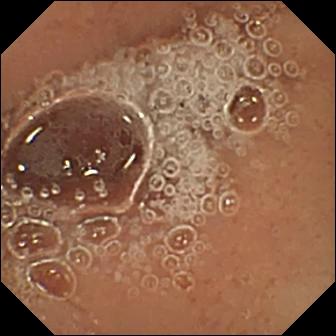- modality: VCE
- video segment: pylorus region